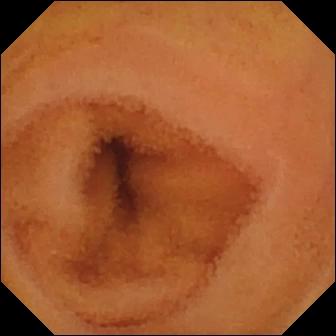This WCE still of the small bowel shows normal clean mucosa.